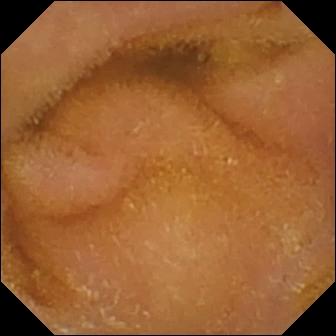Capsule endoscopy frame (small bowel). Normal clean mucosa.